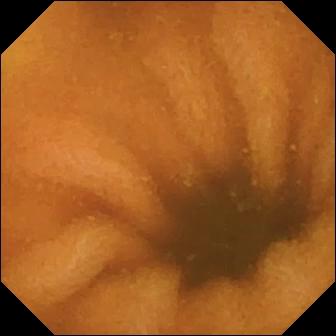{"modality": "small-bowel capsule endoscopy", "finding": "normal clean mucosa"}